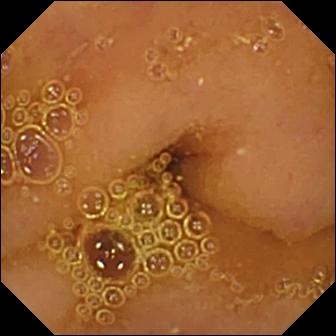WCE view showing normal clean mucosa.